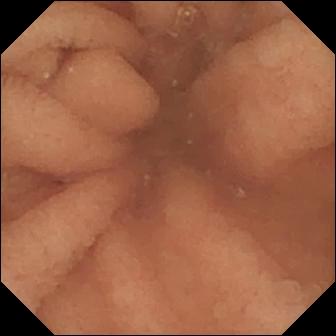Q: What does this VCE snapshot show?
A: Normal clean mucosa.